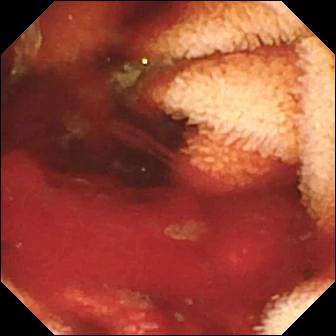modality: wireless capsule endoscopy | finding: fresh blood in the lumen